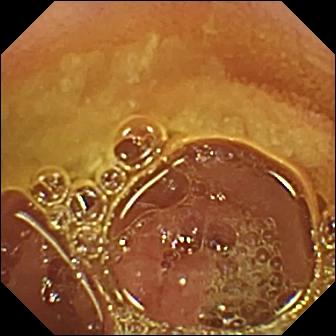- modality: VCE
- segment: small intestine
- category: luminal finding
- finding: normal clean mucosa